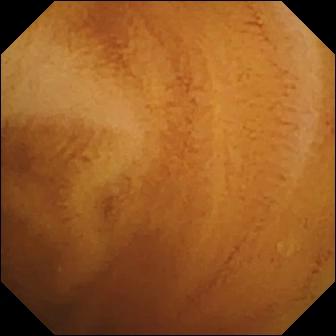Capsule endoscopy image, small bowel
Impression: normal clean mucosa